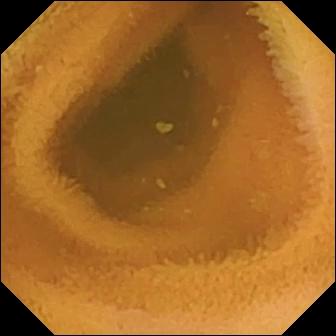Wireless capsule endoscopy image showing normal clean mucosa.